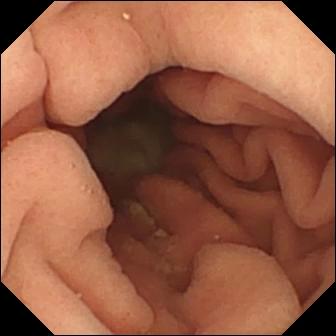Video capsule endoscopy snapshot
Location: pylorus region (where the capsule passes from the stomach into the small bowel)